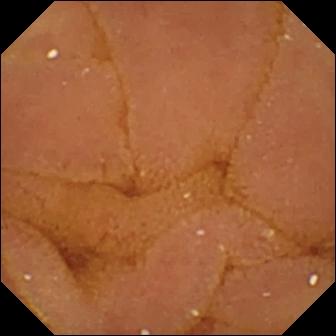modality: wireless capsule endoscopy; label: normal clean mucosa